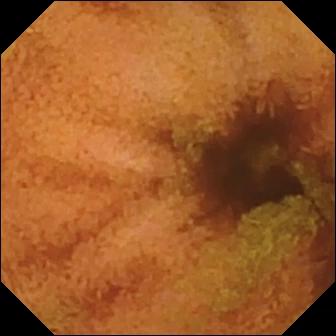VCE. Luminal finding. Finding: normal clean mucosa.